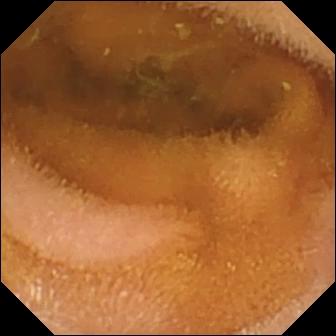PROCEDURE: Video capsule endoscopy.
FINDINGS: Normal clean mucosa.